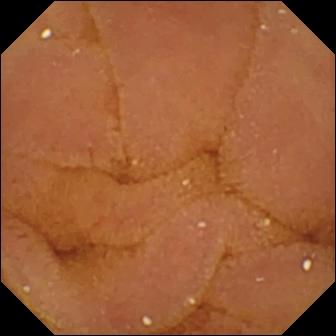- modality: small-bowel capsule endoscopy
- observation: normal clean mucosa